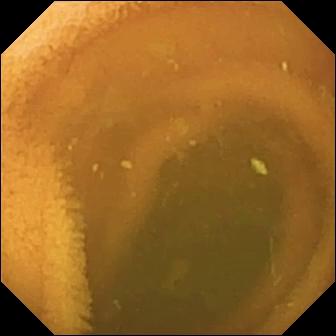Normal clean mucosa.